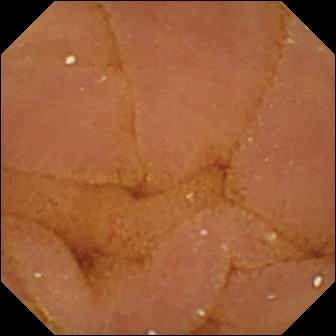Video capsule endoscopy. Small intestine. Label: normal clean mucosa.